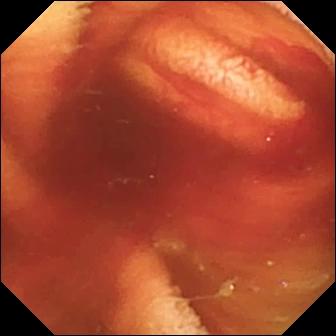- modality: capsule endoscopy
- impression: fresh blood in the lumen